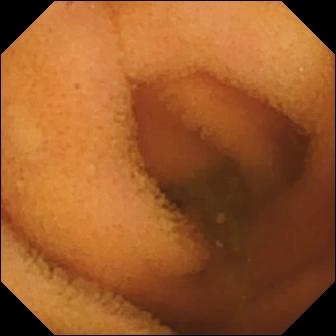This capsule endoscopy view of the small bowel shows normal clean mucosa.